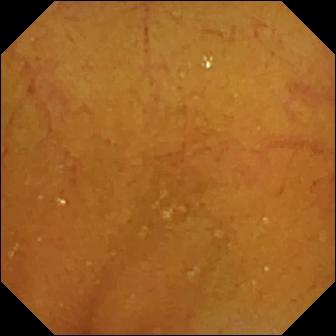This small-bowel capsule endoscopy image of the small bowel shows normal clean mucosa.